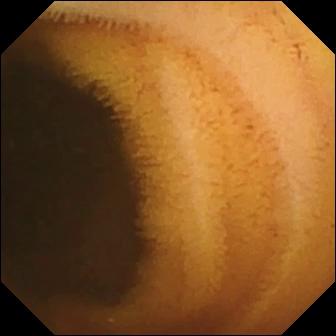PROCEDURE: VCE.
SEGMENT: Small bowel.
FINDINGS: Normal clean mucosa.